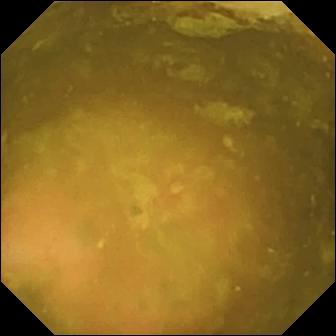PROCEDURE: WCE.
LABEL: Ileo-cecal valve region.